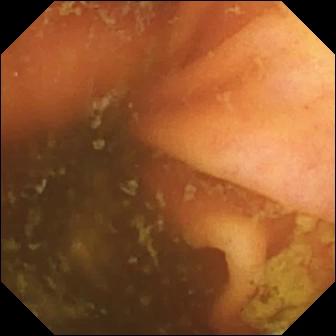PROCEDURE: WCE.
VIDEO SEGMENT: Ileo-cecal valve region.